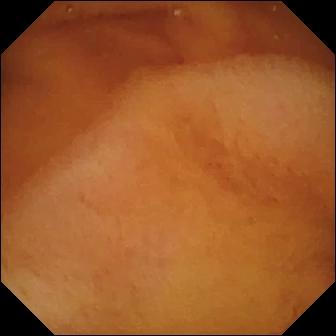Normal clean mucosa — VCE frame of the small bowel.